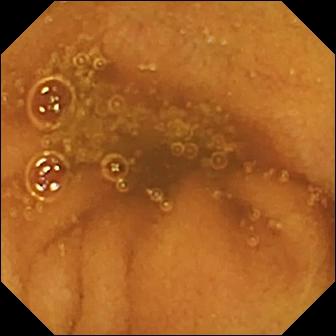Normal clean mucosa — VCE view.